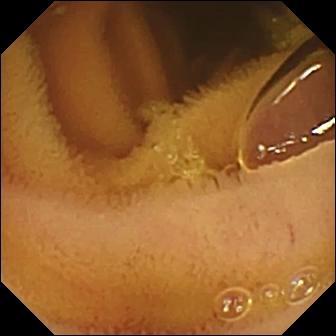PROCEDURE: Wireless capsule endoscopy.
SEGMENT: Small intestine.
FINDINGS: Normal clean mucosa.